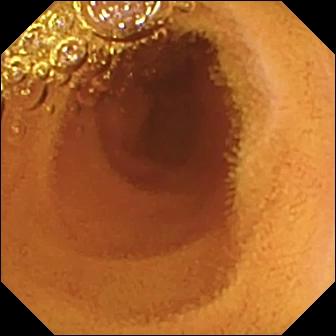PROCEDURE: WCE.
FINDINGS: Normal clean mucosa.